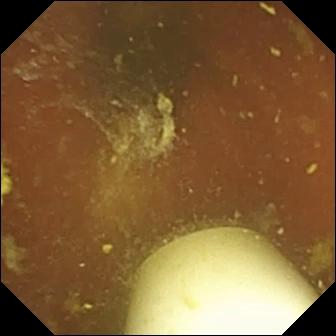Wireless capsule endoscopy snapshot showing foreign body (e.g. retained capsule, tablet residue).